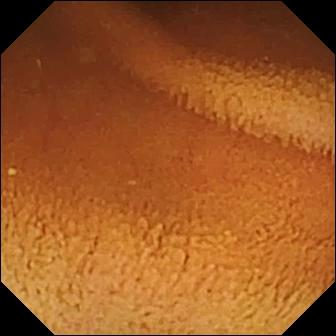PROCEDURE: Small-bowel capsule endoscopy.
FINDINGS: Normal clean mucosa.